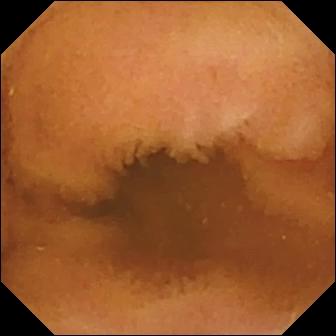Normal clean mucosa — video capsule endoscopy snapshot.